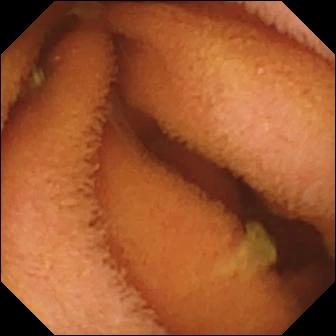This WCE view of the small intestine shows normal clean mucosa.